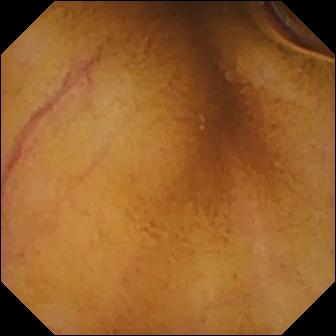- modality: capsule endoscopy
- observation: normal clean mucosa